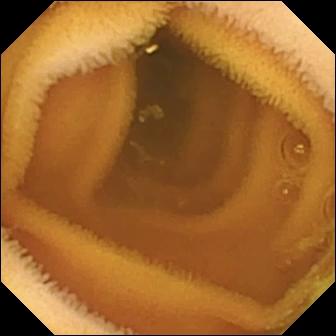Video capsule endoscopy — normal clean mucosa.